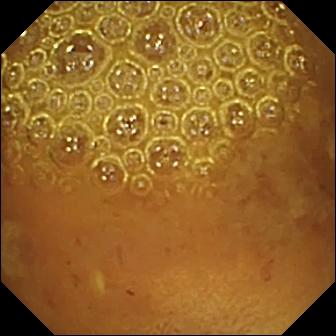Reduced mucosal view (content or bubbles obscuring the mucosa) — video capsule endoscopy still of the small bowel.